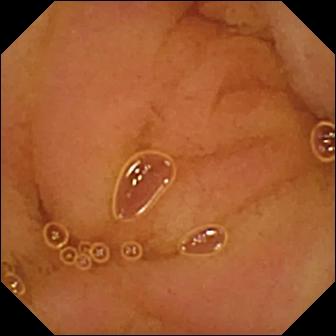Capsule endoscopy — normal clean mucosa.